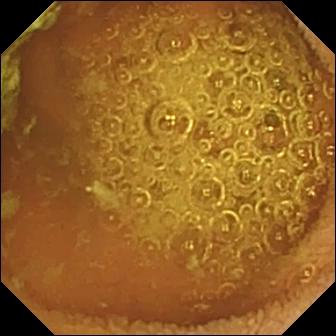Wireless capsule endoscopy image, 336×336. Normal clean mucosa.